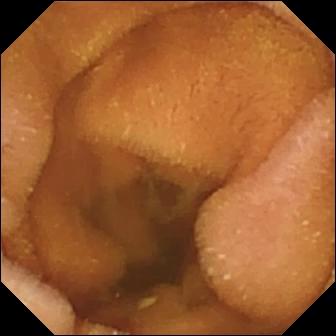This small-bowel capsule endoscopy view shows normal clean mucosa.